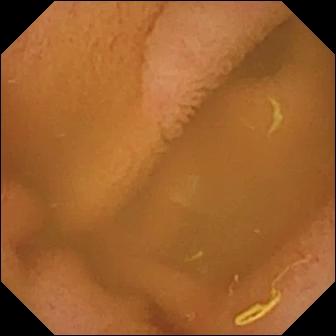Normal clean mucosa.